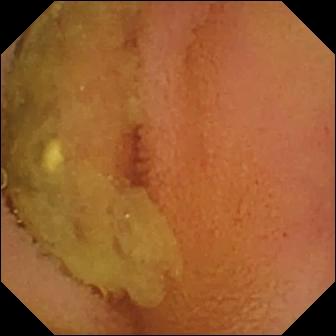Capsule endoscopy still showing normal clean mucosa.